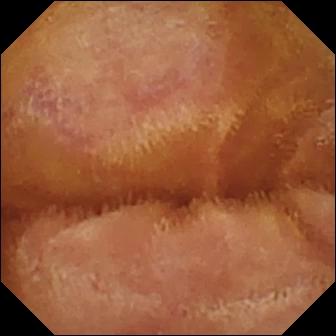{"modality": "small-bowel capsule endoscopy", "finding": "normal clean mucosa"}